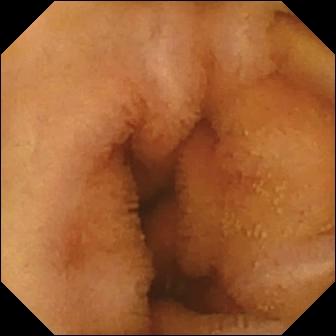PROCEDURE: Wireless capsule endoscopy.
FINDINGS: Normal clean mucosa.